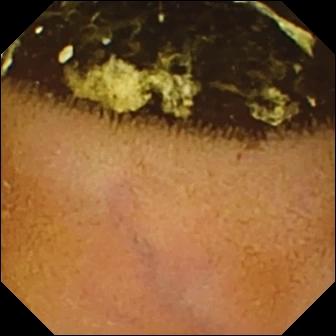Wireless capsule endoscopy frame. Normal clean mucosa.